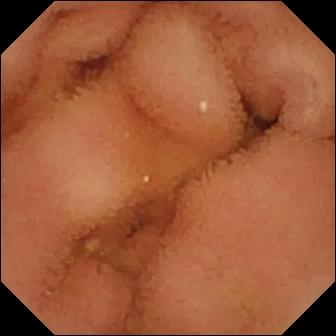This small-bowel capsule endoscopy still shows normal clean mucosa.